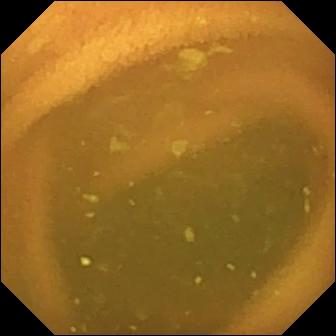Wireless capsule endoscopy. Small bowel. Observation: normal clean mucosa.